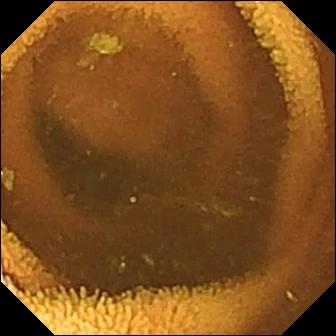WCE still (small bowel). Normal clean mucosa.